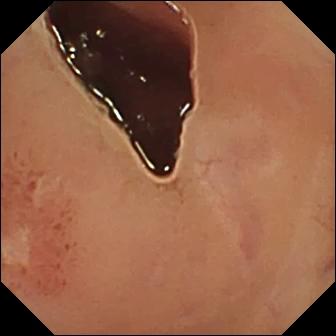This WCE image shows ulcer.